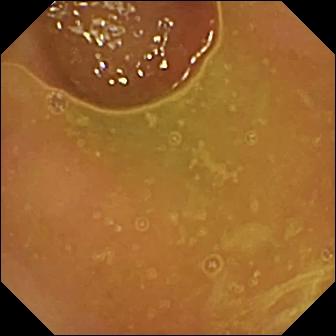- modality: wireless capsule endoscopy
- observation: normal clean mucosa